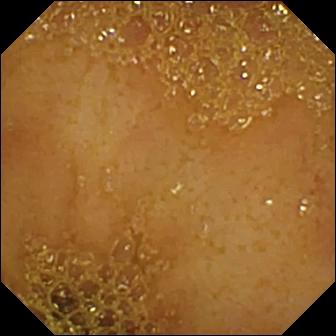modality: video capsule endoscopy
position: ileo-cecal valve region (where the capsule passes from the small bowel into the large bowel)